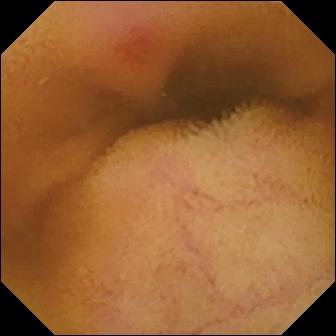Video capsule endoscopy snapshot
Finding: erythema (mucosal redness)